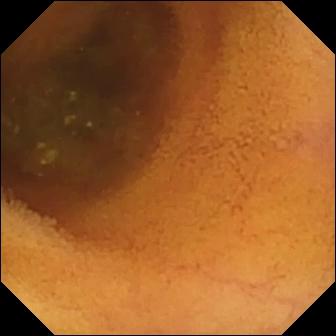This wireless capsule endoscopy still of the small intestine shows normal clean mucosa.